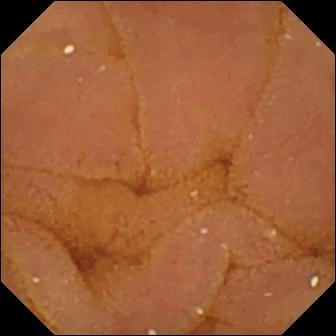{"modality": "WCE", "finding": "normal clean mucosa"}